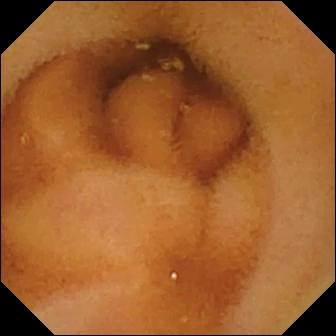WCE. Small intestine. Luminal finding. Impression: normal clean mucosa.